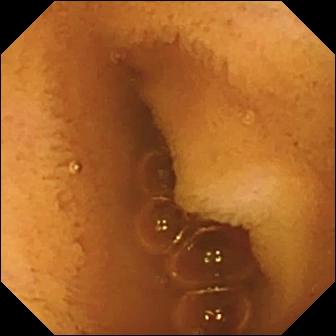WCE. Finding: normal clean mucosa.